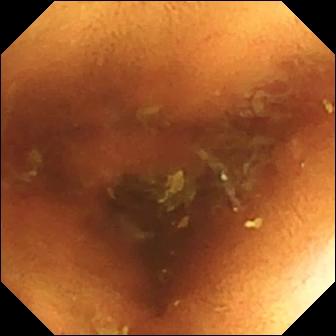Q: What does this small-bowel capsule endoscopy frame of the small intestine show?
A: Normal clean mucosa.